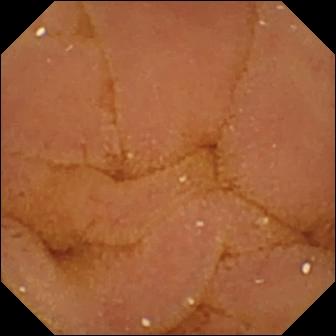Wireless capsule endoscopy — normal clean mucosa.